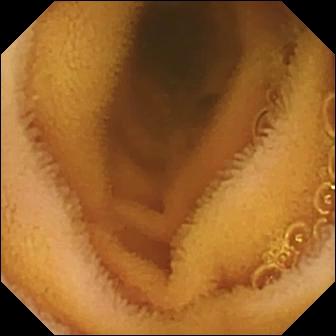Video capsule endoscopy snapshot showing normal clean mucosa.